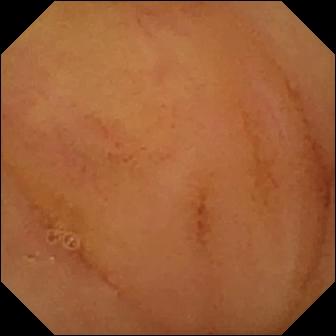Q: What does this small-bowel capsule endoscopy image of the small bowel show?
A: Normal clean mucosa.